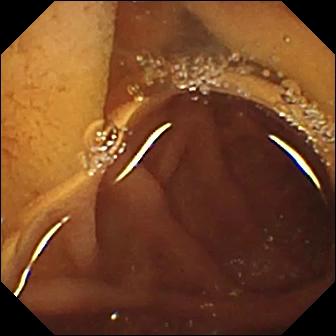Q: Where in the digestive tract was this WCE image taken?
A: Pylorus region (the junction between the stomach and the small bowel).